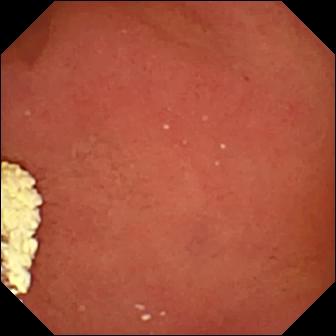{"modality": "VCE", "position": "pylorus region"}